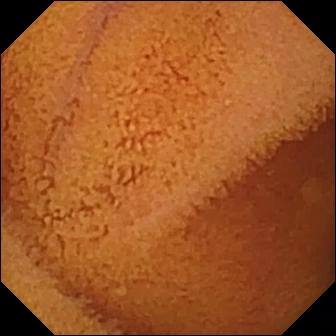Video capsule endoscopy image showing normal clean mucosa.